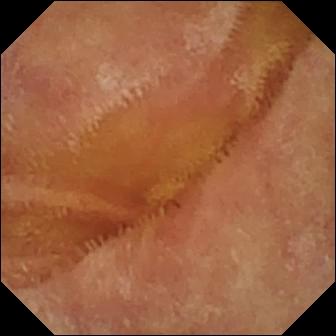PROCEDURE: VCE.
SEGMENT: Small bowel.
FINDINGS: Normal clean mucosa.